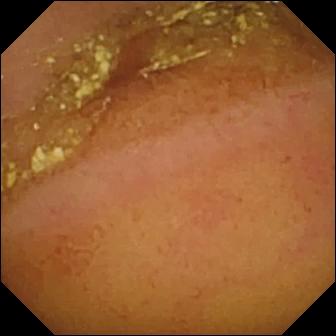Wireless capsule endoscopy — normal clean mucosa.